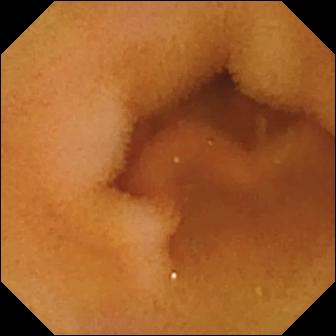Normal clean mucosa.